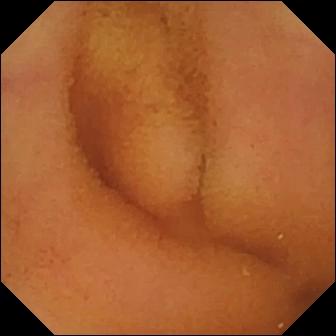Video capsule endoscopy. Finding: normal clean mucosa.